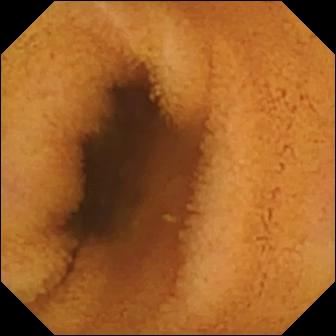- modality: small-bowel capsule endoscopy
- category: luminal finding
- observation: normal clean mucosa